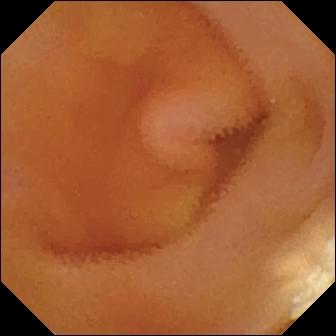WCE view showing lymphangiectasia.